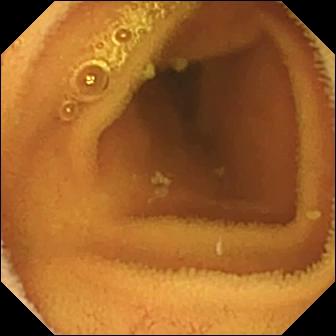{"modality": "video capsule endoscopy", "finding": "normal clean mucosa"}